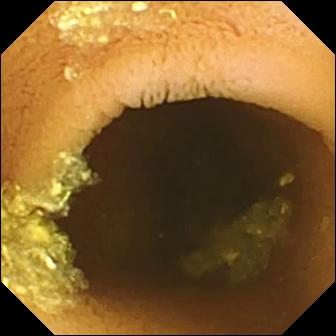{"modality": "video capsule endoscopy", "finding": "normal clean mucosa"}